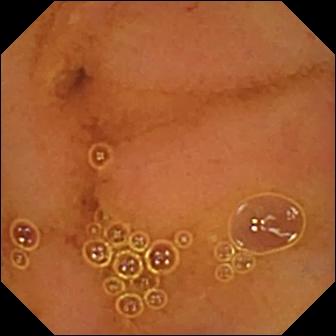Q: What does this VCE still show?
A: Normal clean mucosa.